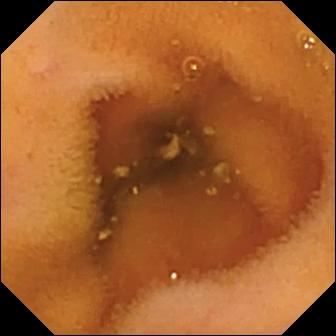Normal clean mucosa — video capsule endoscopy snapshot of the small intestine.